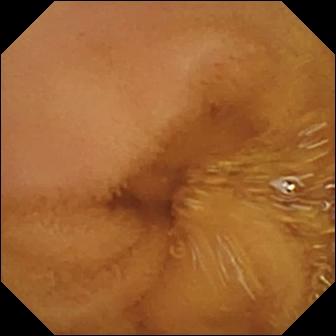This WCE snapshot shows normal clean mucosa.